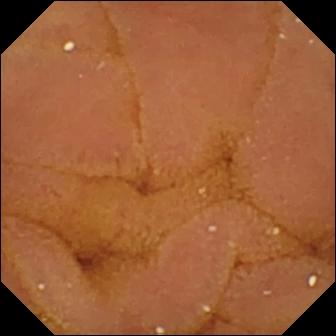{"modality": "capsule endoscopy", "category": "luminal finding", "finding": "normal clean mucosa"}